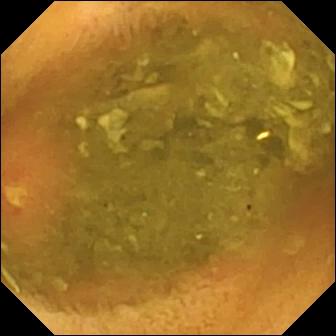This small-bowel capsule endoscopy view shows ulcer.